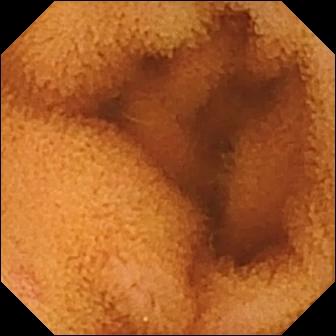Q: What does this WCE still show?
A: Normal clean mucosa.